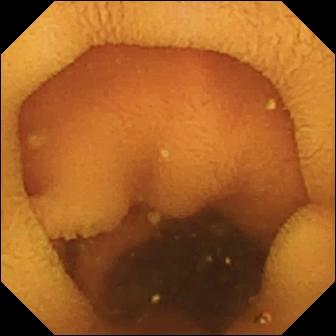- modality: video capsule endoscopy
- segment: small bowel
- impression: normal clean mucosa